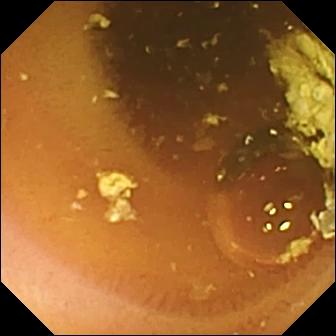Capsule endoscopy. Small bowel. Observation: normal clean mucosa.